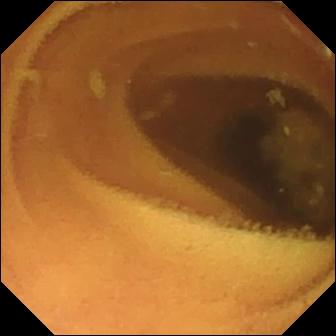PROCEDURE: Capsule endoscopy.
FINDINGS: Normal clean mucosa.